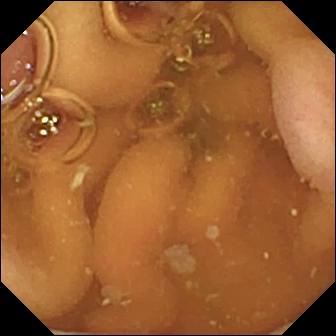VCE view taken in the pylorus region (where the capsule passes from the stomach into the small bowel).